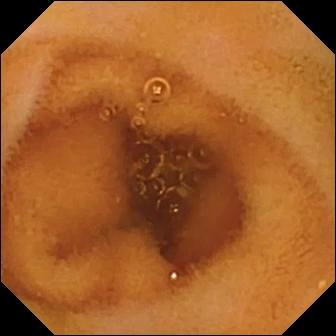PROCEDURE: WCE.
FINDINGS: Normal clean mucosa.